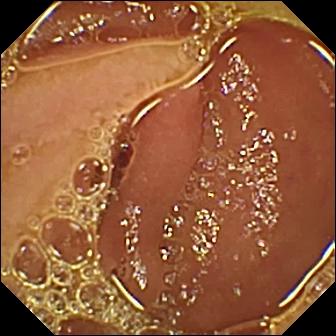This WCE snapshot shows normal clean mucosa.